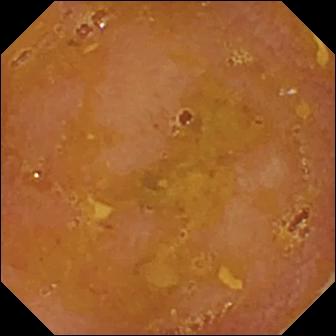- modality: video capsule endoscopy
- segment: small bowel
- label: reduced mucosal view (content or bubbles obscuring the mucosa)